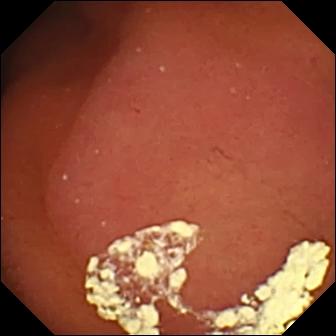VCE view taken in the pylorus region.